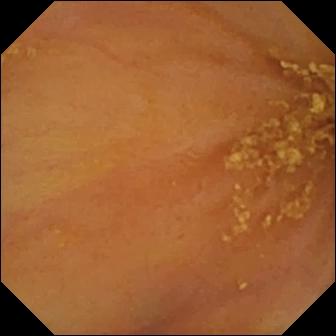Small-bowel capsule endoscopy — ileo-cecal valve region (the transition from the small bowel to the large bowel).